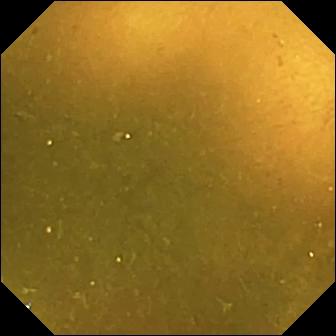This small-bowel capsule endoscopy image was taken in the ileo-cecal valve region.